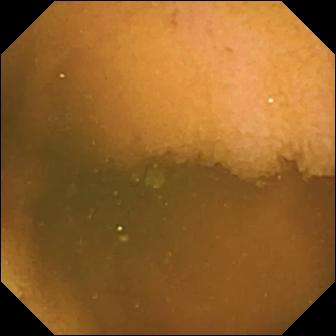Normal clean mucosa — wireless capsule endoscopy image of the small intestine.